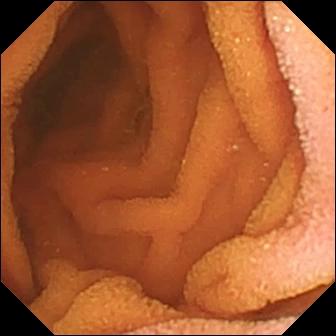Video capsule endoscopy still
Observation: normal clean mucosa